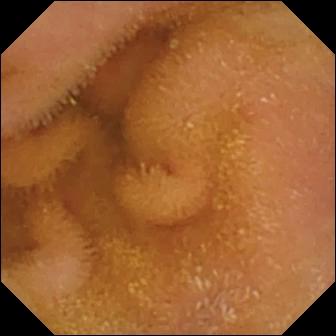Small-bowel capsule endoscopy. Luminal finding. Label: normal clean mucosa.